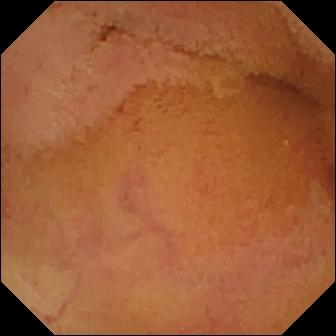PROCEDURE: Video capsule endoscopy.
FINDINGS: Normal clean mucosa.